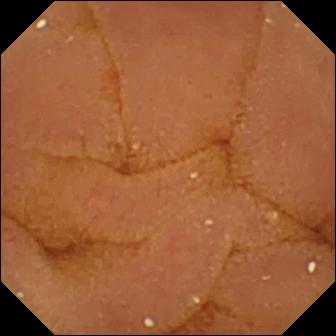- modality: wireless capsule endoscopy
- segment: small bowel
- observation: normal clean mucosa